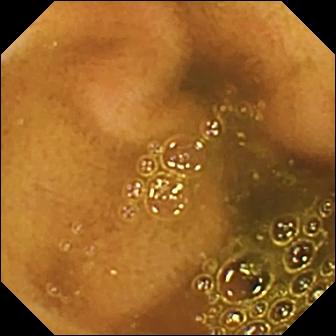Wireless capsule endoscopy frame taken in the ileo-cecal valve region (where the capsule passes from the small bowel into the large bowel).